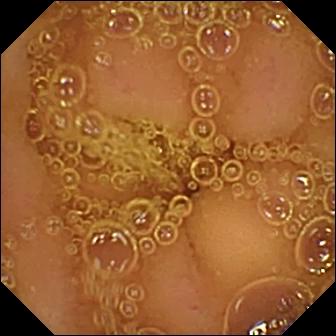Capsule endoscopy image
Label: normal clean mucosa